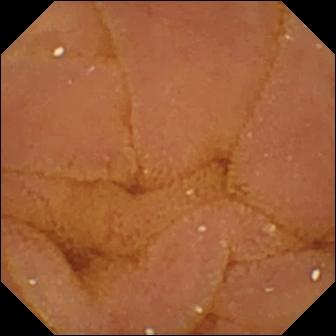Capsule endoscopy — normal clean mucosa.